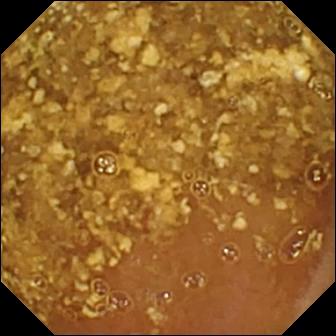PROCEDURE: Video capsule endoscopy.
FINDINGS: Reduced mucosal view (content or bubbles obscuring the mucosa).